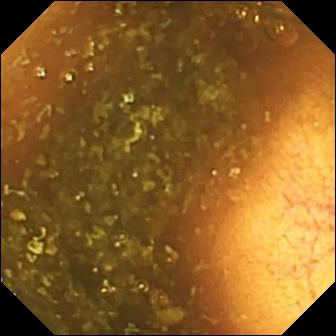Video capsule endoscopy — ileo-cecal valve region (the transition from the small bowel to the large bowel).